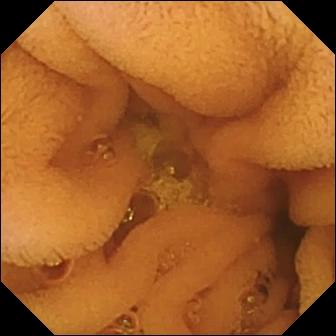Q: What does this small-bowel capsule endoscopy frame of the small bowel show?
A: Normal clean mucosa.